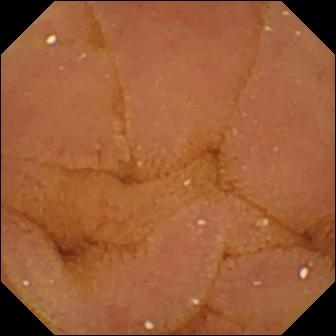modality: video capsule endoscopy
segment: small intestine
category: luminal finding
finding: normal clean mucosa